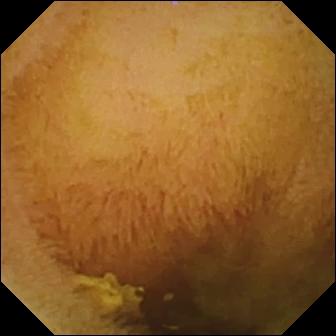modality: small-bowel capsule endoscopy; segment: small intestine; label: normal clean mucosa